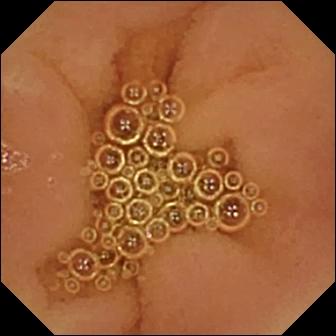Q: What does this WCE snapshot show?
A: Normal clean mucosa.